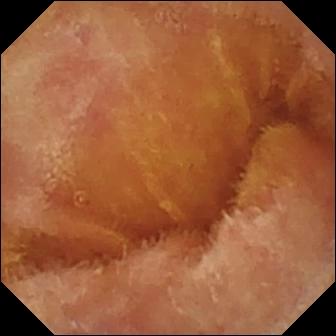modality: VCE | segment: small bowel | observation: normal clean mucosa